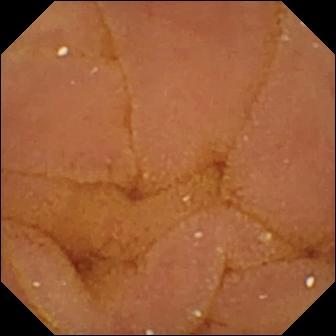Normal clean mucosa — small-bowel capsule endoscopy image of the small bowel.